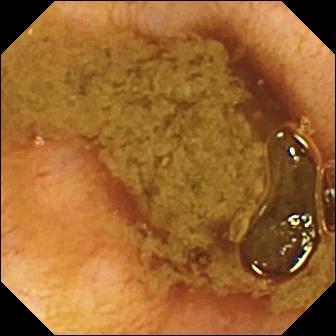{"modality": "video capsule endoscopy", "label": "ileo-cecal valve region (the transition from the small bowel to the large bowel)"}